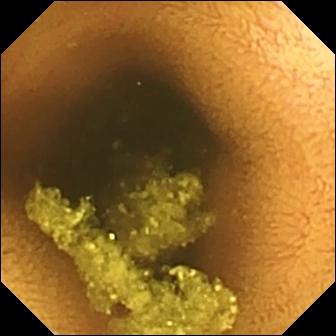Wireless capsule endoscopy snapshot showing normal clean mucosa.